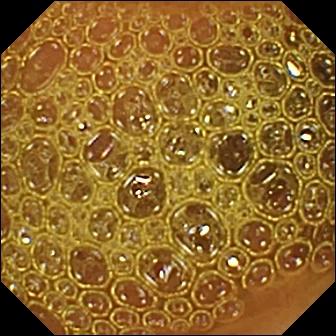Video capsule endoscopy view. Reduced mucosal view (content or bubbles obscuring the mucosa).